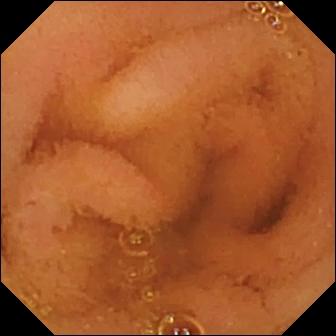Wireless capsule endoscopy snapshot
Label: normal clean mucosa